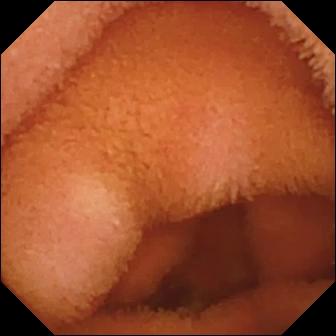Small-bowel capsule endoscopy. Small bowel. Impression: normal clean mucosa.